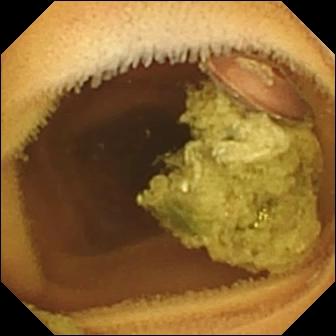Normal clean mucosa — VCE view of the small intestine.